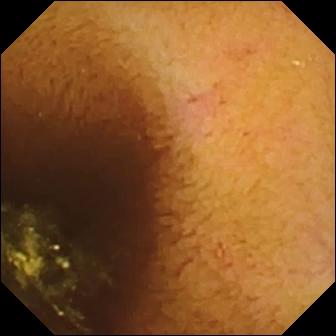{"modality": "capsule endoscopy", "segment": "small intestine", "finding": "normal clean mucosa"}